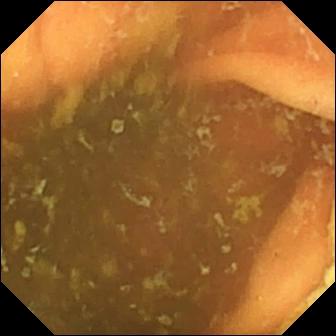Wireless capsule endoscopy. Near an anatomical landmark. Label: ileo-cecal valve region (where the capsule passes from the small bowel into the large bowel).